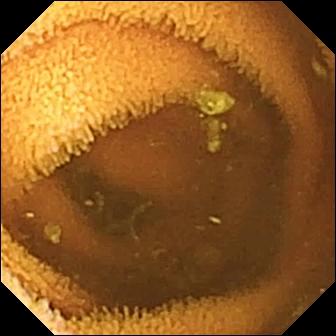This small-bowel capsule endoscopy still of the small intestine shows normal clean mucosa.